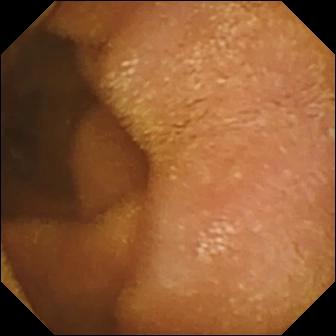Normal clean mucosa.